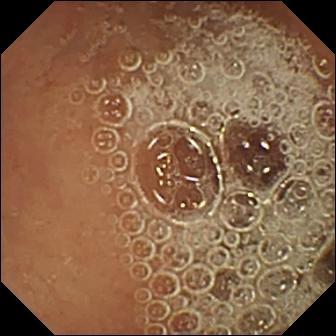PROCEDURE: Video capsule endoscopy.
FINDINGS: Normal clean mucosa.